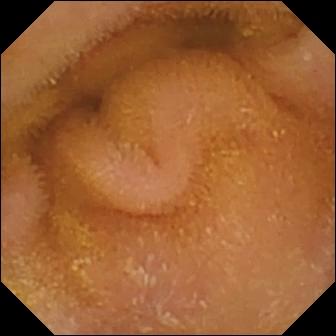WCE image (small intestine). Normal clean mucosa.